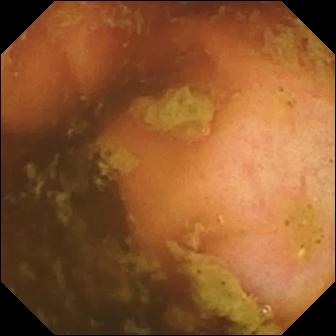Video capsule endoscopy image. Taken in the ileo-cecal valve region.